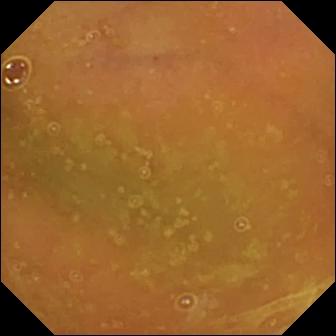Normal clean mucosa — WCE image.